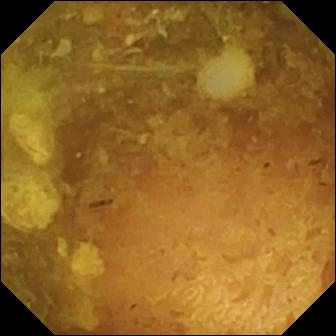PROCEDURE: Wireless capsule endoscopy.
FINDINGS: Reduced mucosal view (content or bubbles obscuring the mucosa).